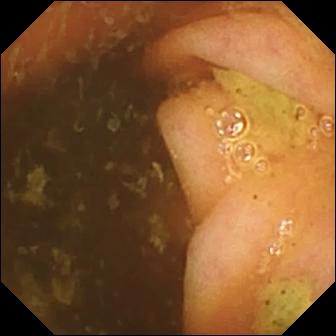Ileo-cecal valve region (the transition from the small bowel to the large bowel).